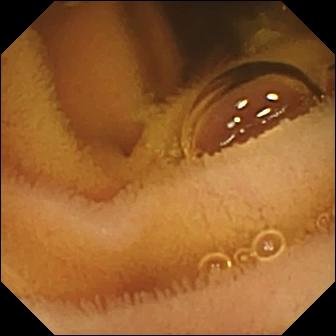{"modality": "video capsule endoscopy", "category": "luminal finding", "finding": "normal clean mucosa"}